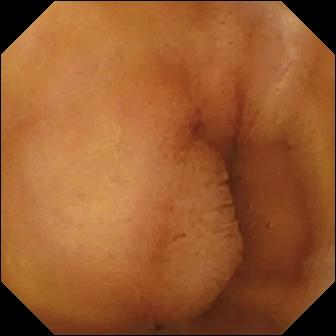Small-bowel capsule endoscopy snapshot of the small intestine showing normal clean mucosa.